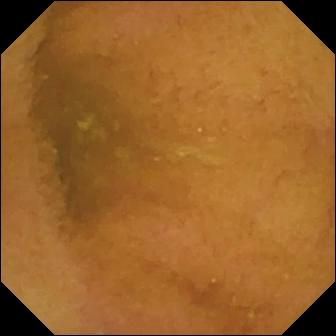modality: small-bowel capsule endoscopy
segment: small bowel
category: luminal finding
impression: normal clean mucosa